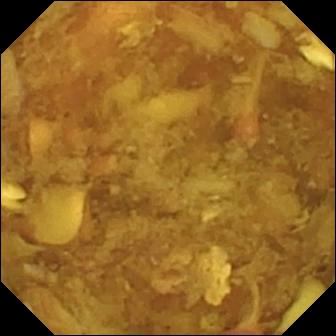Reduced mucosal view (content or bubbles obscuring the mucosa).